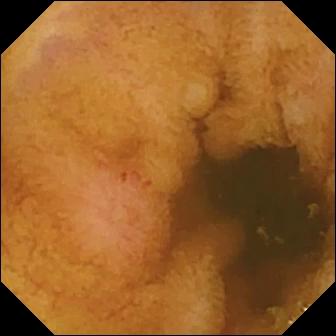modality: video capsule endoscopy
observation: erosion